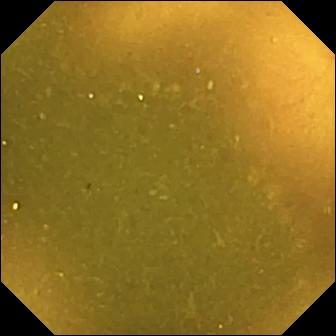Capsule endoscopy view. Taken in the ileo-cecal valve region (the transition from the small bowel to the large bowel).